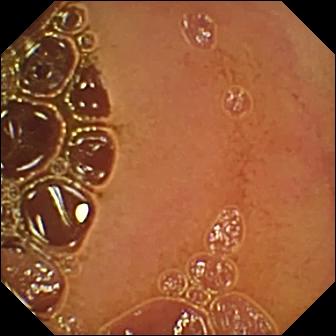VCE. Small intestine. Luminal finding. Impression: normal clean mucosa.